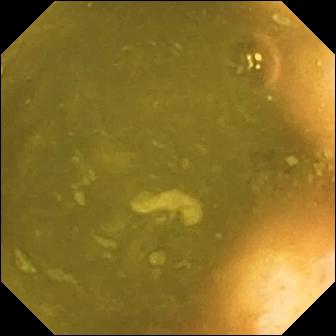{"modality": "video capsule endoscopy", "video_segment": "ileo-cecal valve region (the transition from the small bowel to the large bowel)"}